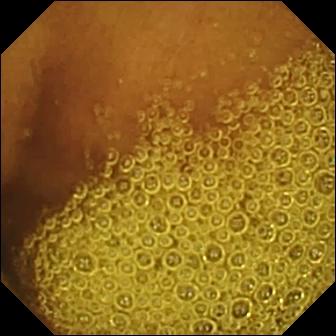PROCEDURE: WCE.
SEGMENT: Small intestine.
FINDINGS: Normal clean mucosa.